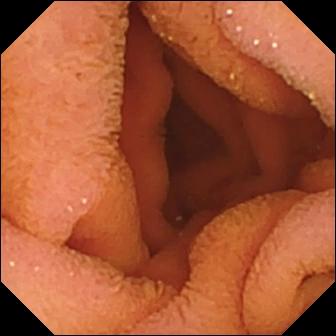WCE frame showing normal clean mucosa.